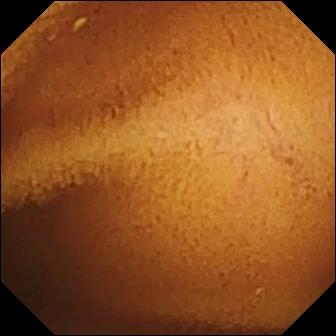WCE. Small bowel. Luminal finding. Observation: normal clean mucosa.